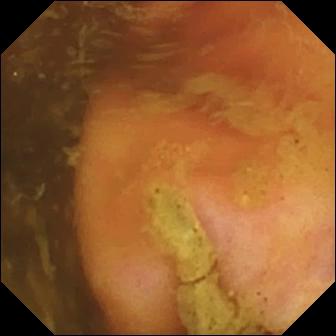VCE snapshot
Video segment: ileo-cecal valve region (where the capsule passes from the small bowel into the large bowel)